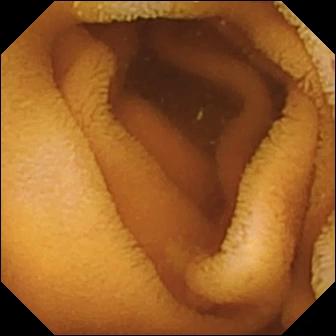This VCE frame shows normal clean mucosa.